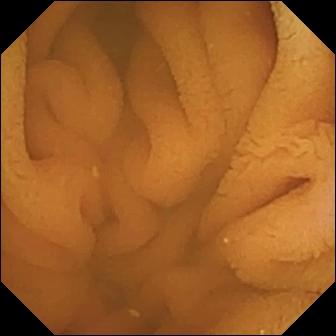{"modality": "capsule endoscopy", "finding": "normal clean mucosa"}